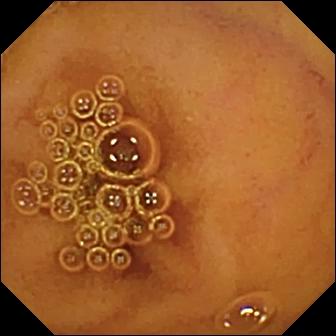Video capsule endoscopy image
Observation: normal clean mucosa